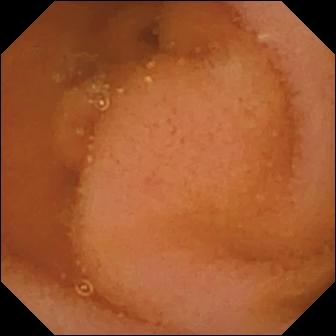Normal clean mucosa.